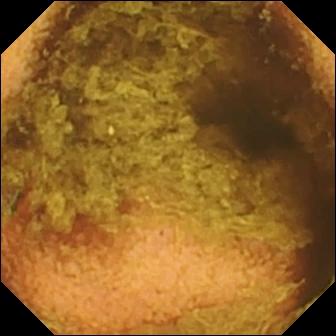Video capsule endoscopy frame
Label: normal clean mucosa